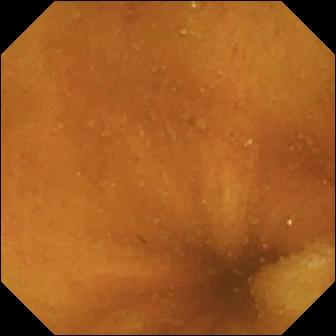PROCEDURE: VCE.
SEGMENT: Small bowel.
FINDINGS: Normal clean mucosa.